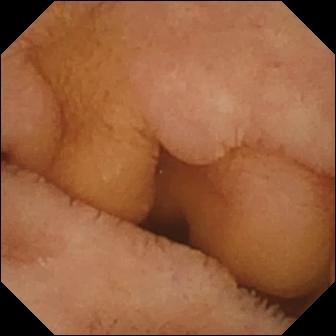Normal clean mucosa — small-bowel capsule endoscopy frame.